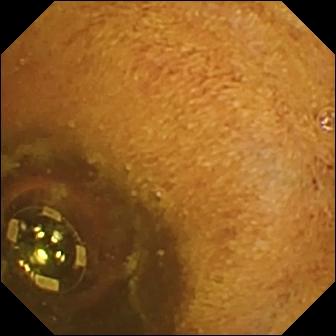{"modality": "video capsule endoscopy", "finding": "foreign body (e.g. retained capsule, tablet residue)"}